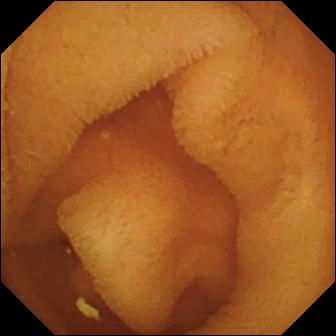Normal clean mucosa.